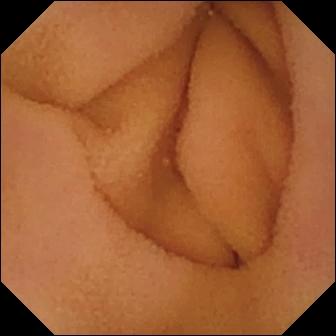- modality: VCE
- impression: normal clean mucosa